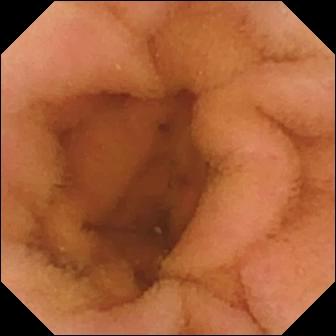modality: wireless capsule endoscopy
segment: small bowel
observation: normal clean mucosa